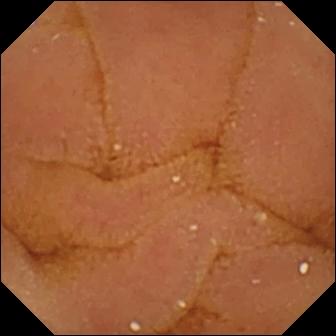PROCEDURE: Capsule endoscopy.
SEGMENT: Small bowel.
FINDINGS: Normal clean mucosa.